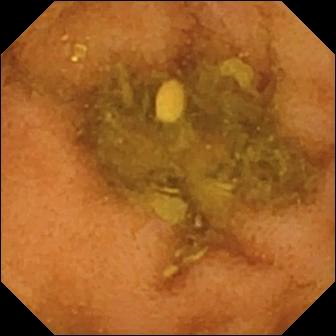- modality: capsule endoscopy
- category: luminal finding
- finding: normal clean mucosa